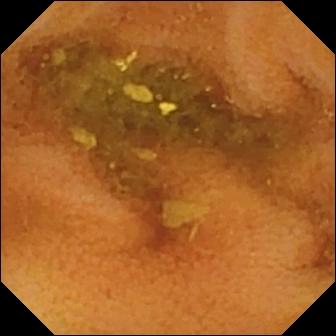Q: What does this WCE view show?
A: Normal clean mucosa.